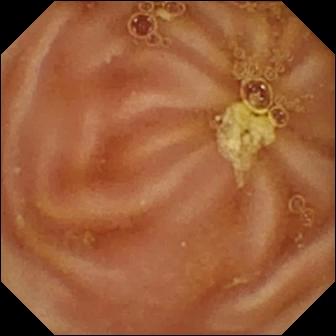Wireless capsule endoscopy image, small intestine
Impression: normal clean mucosa